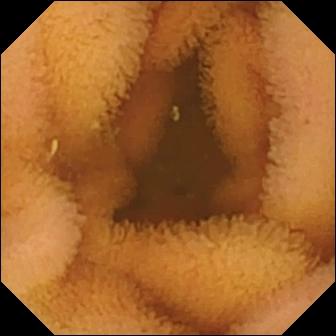Small-bowel capsule endoscopy. Small bowel. Finding: normal clean mucosa.